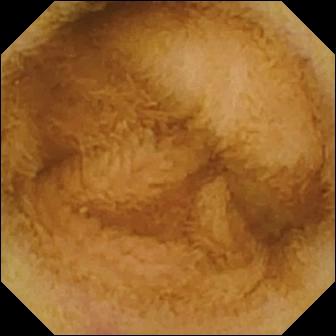Small-bowel capsule endoscopy view
Label: normal clean mucosa